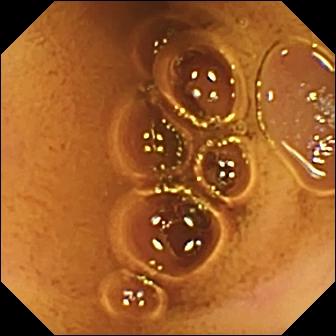Video capsule endoscopy still (small bowel). Normal clean mucosa.